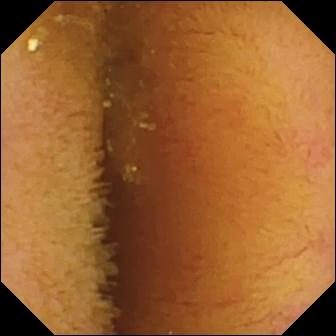WCE — normal clean mucosa.